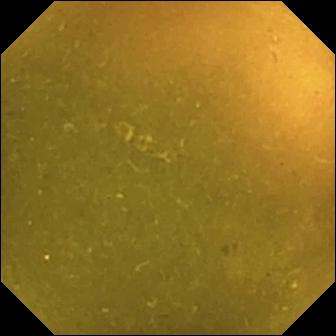Ileo-cecal valve region — small-bowel capsule endoscopy snapshot.